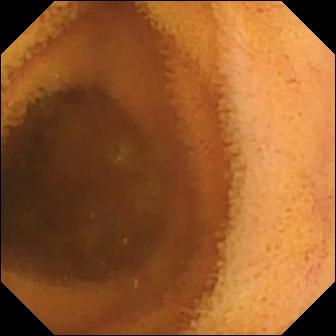Q: What does this VCE image of the small bowel show?
A: Normal clean mucosa.